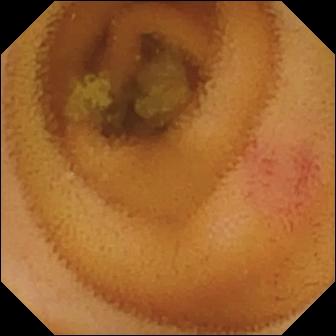WCE — angiectasia.